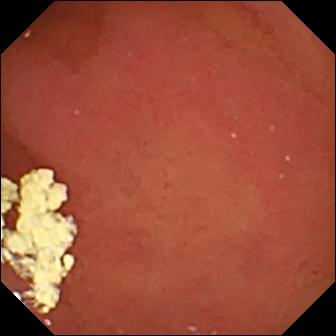Small-bowel capsule endoscopy. Video segment: pylorus region.